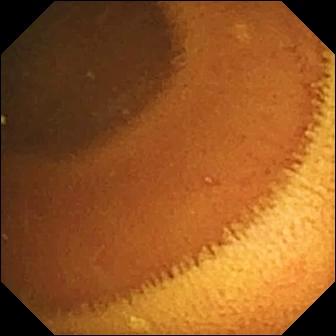modality: video capsule endoscopy; segment: small bowel; category: luminal finding; label: normal clean mucosa